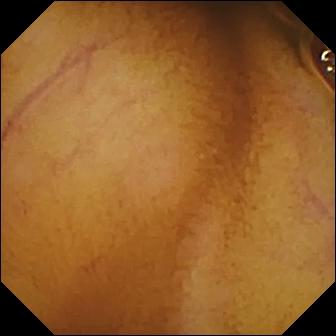{"modality": "WCE", "finding": "normal clean mucosa"}